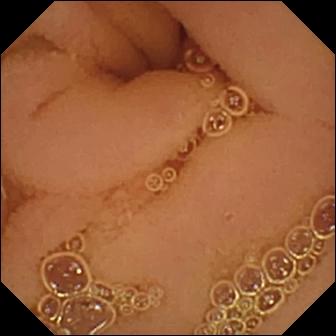Small-bowel capsule endoscopy — normal clean mucosa.